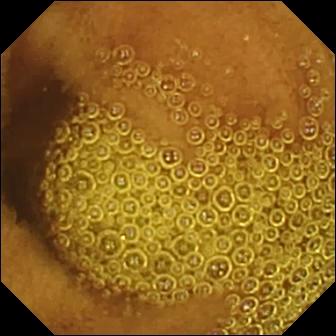VCE. Small intestine. Observation: normal clean mucosa.